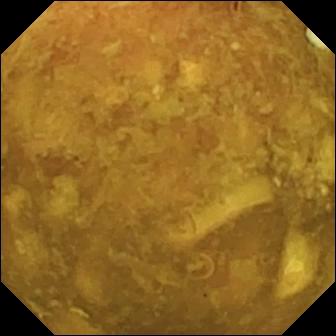This video capsule endoscopy frame shows reduced mucosal view (content or bubbles obscuring the mucosa).